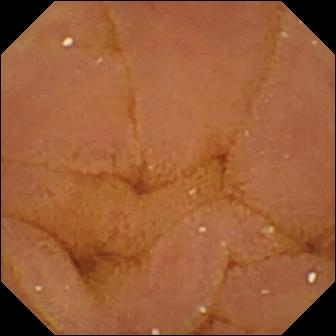Q: What does this wireless capsule endoscopy view show?
A: Normal clean mucosa.